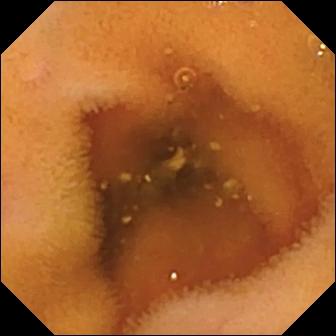{"modality": "video capsule endoscopy", "segment": "small bowel", "finding": "normal clean mucosa"}